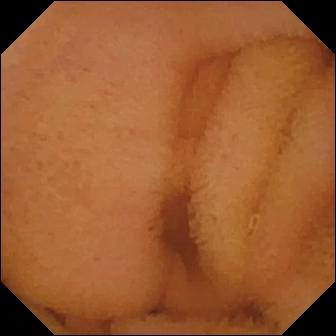This VCE snapshot shows normal clean mucosa.